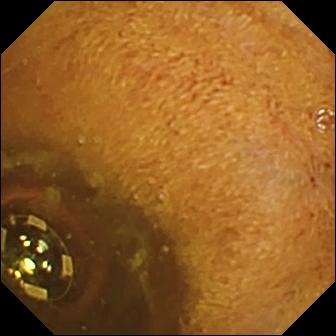Small-bowel capsule endoscopy. Observation: foreign body (e.g. retained capsule, tablet residue).